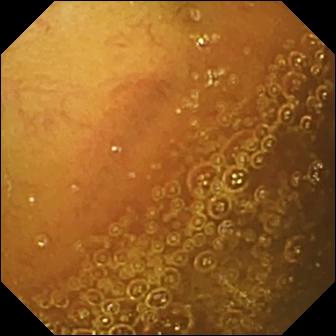Video capsule endoscopy snapshot of the small bowel showing normal clean mucosa.